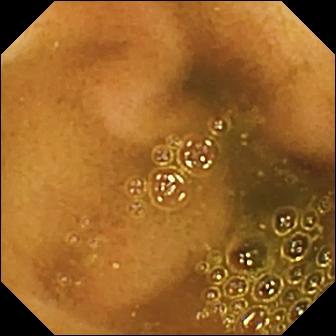WCE snapshot. Taken in the ileo-cecal valve region.